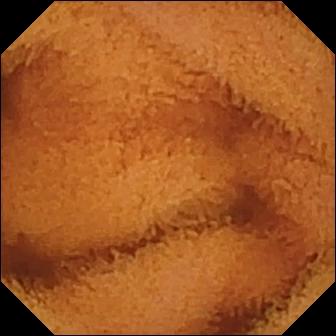Wireless capsule endoscopy frame, small intestine
Observation: normal clean mucosa